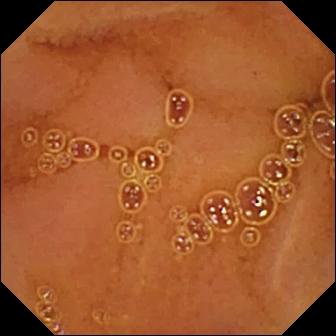modality: wireless capsule endoscopy | segment: small intestine | impression: normal clean mucosa